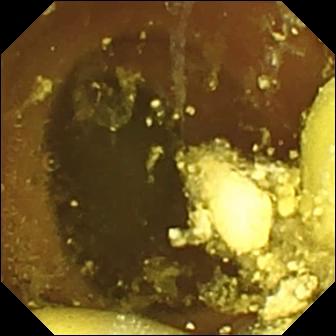WCE. Finding: foreign body (e.g. retained capsule, tablet residue).